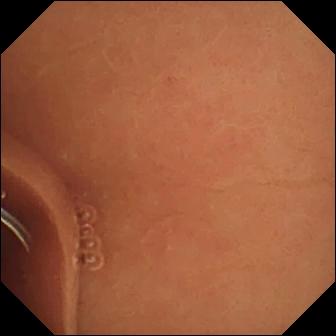Small-bowel capsule endoscopy. Observation: normal clean mucosa.